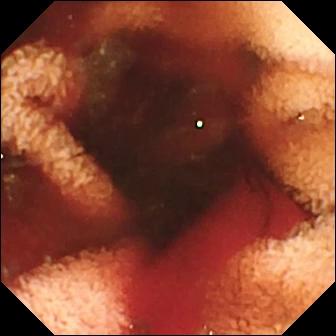Fresh blood in the lumen (336×336).